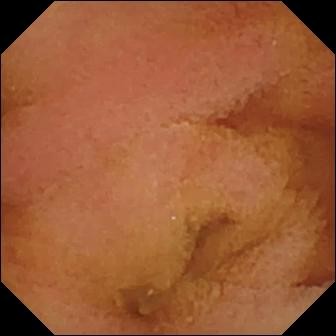Capsule endoscopy still, small intestine
Observation: normal clean mucosa